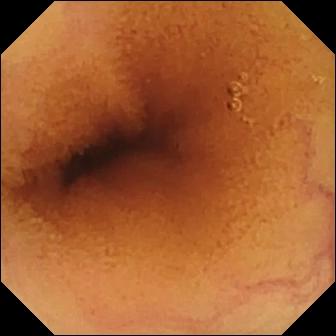{"modality": "video capsule endoscopy", "finding": "normal clean mucosa"}